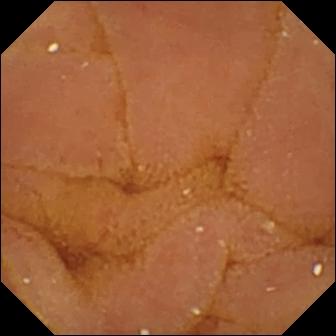{"modality": "video capsule endoscopy", "segment": "small intestine", "finding": "normal clean mucosa"}